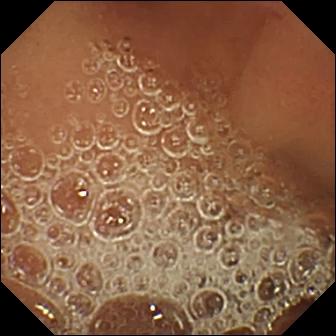Capsule endoscopy. Finding: normal clean mucosa.